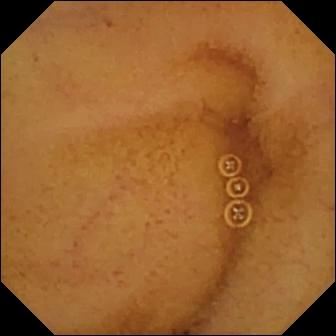- modality: VCE
- impression: normal clean mucosa